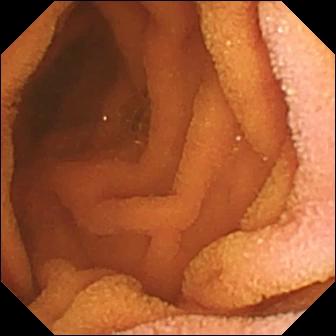Normal clean mucosa — VCE still.